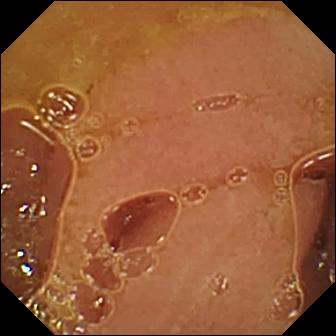Q: What does this VCE snapshot show?
A: Normal clean mucosa.